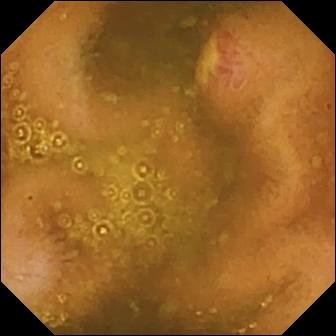Ulcer — WCE view.